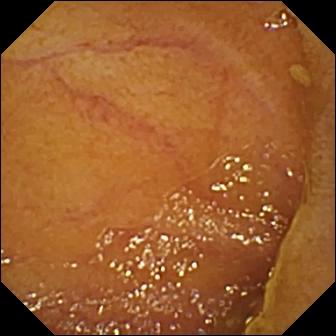{"modality": "capsule endoscopy", "category": "anatomical landmark", "position": "ileo-cecal valve region (where the capsule passes from the small bowel into the large bowel)"}